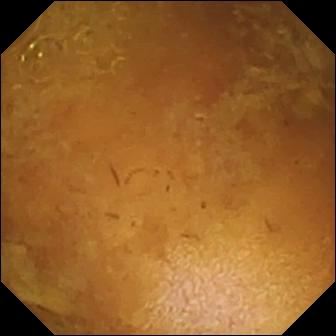WCE — reduced mucosal view (content or bubbles obscuring the mucosa).